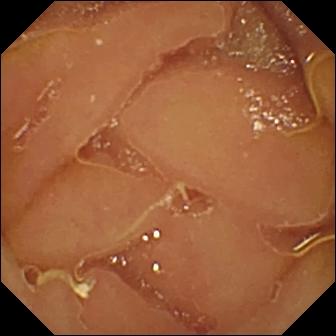WCE still. Normal clean mucosa.